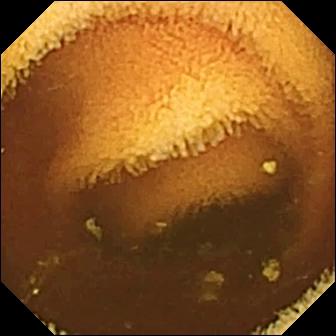Normal clean mucosa — wireless capsule endoscopy frame.